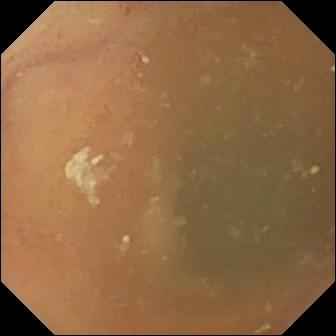Small-bowel capsule endoscopy. Impression: normal clean mucosa.